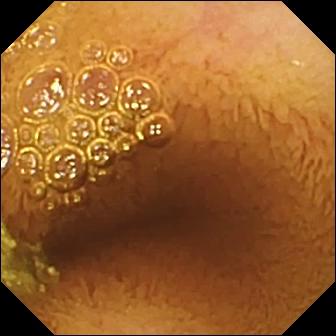Q: What does this capsule endoscopy snapshot of the small intestine show?
A: Normal clean mucosa.